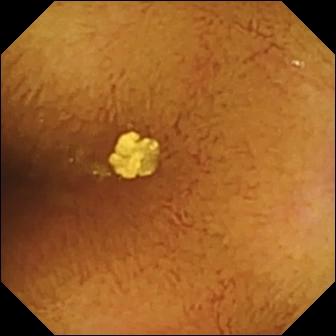WCE — normal clean mucosa.